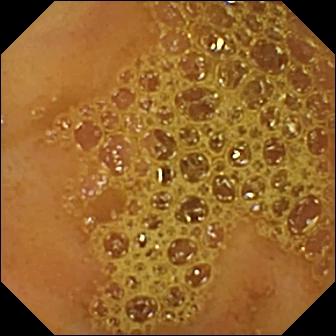Small-bowel capsule endoscopy still taken in the ileo-cecal valve region.